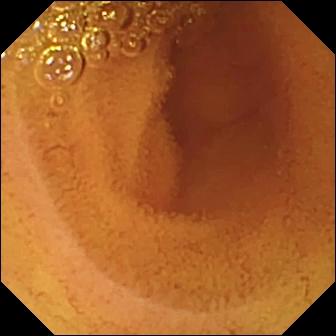modality: small-bowel capsule endoscopy
segment: small intestine
label: normal clean mucosa